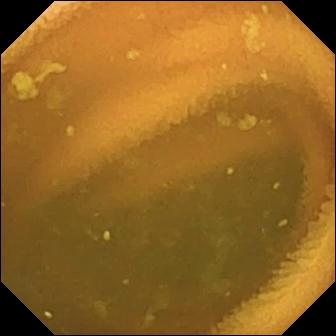- modality: VCE
- finding: normal clean mucosa